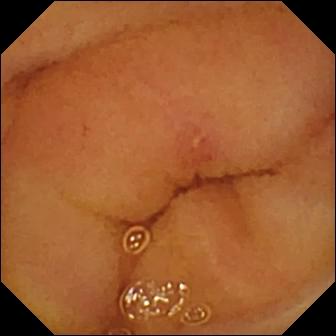PROCEDURE: Wireless capsule endoscopy.
FINDINGS: Erosion.